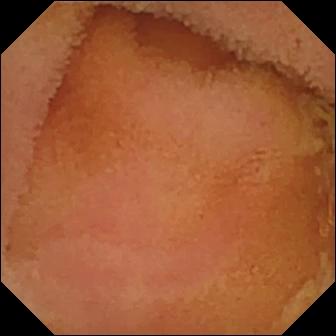Normal clean mucosa — WCE still.